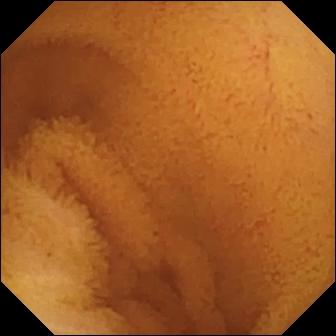Wireless capsule endoscopy — normal clean mucosa.